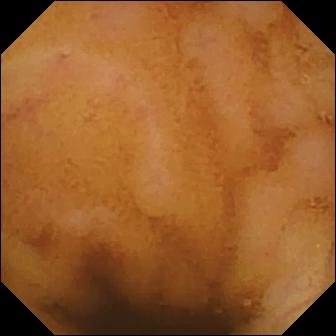Small-bowel capsule endoscopy view showing normal clean mucosa.